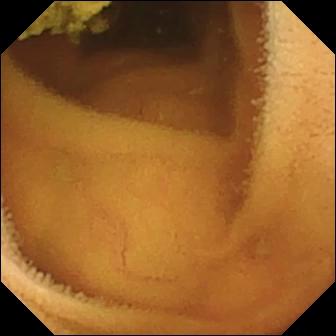PROCEDURE: Wireless capsule endoscopy.
SEGMENT: Small bowel.
FINDINGS: Normal clean mucosa.